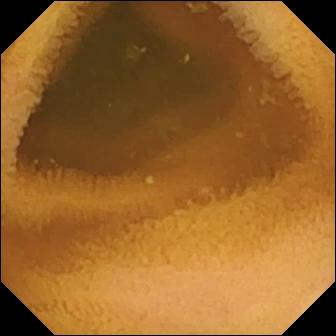Normal clean mucosa — WCE image of the small intestine.